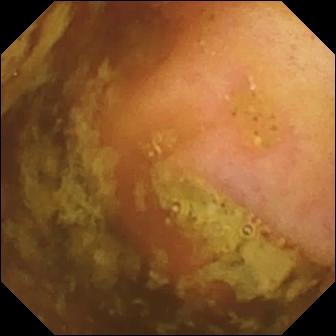{"modality": "wireless capsule endoscopy", "position": "ileo-cecal valve region (the transition from the small bowel to the large bowel)"}